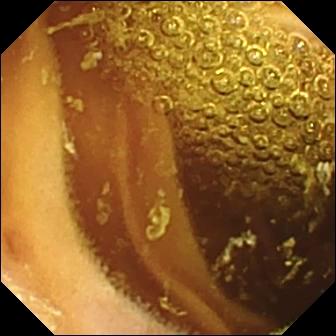Video capsule endoscopy snapshot (small bowel). Normal clean mucosa.